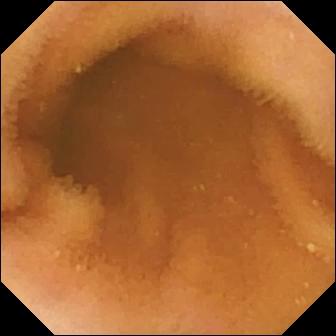WCE view showing normal clean mucosa.